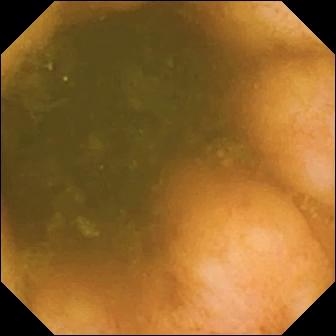VCE image
Position: ileo-cecal valve region (where the capsule passes from the small bowel into the large bowel)